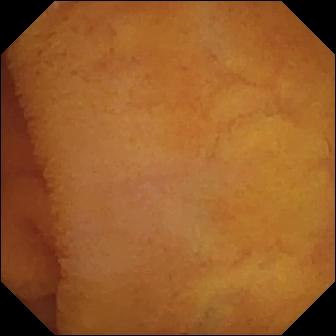Normal clean mucosa — small-bowel capsule endoscopy image.